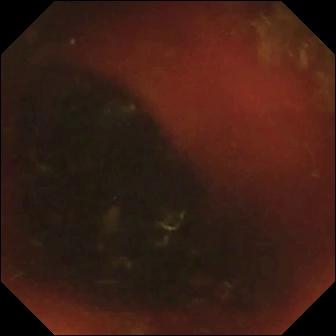PROCEDURE: VCE.
POSITION: Ileo-cecal valve region.